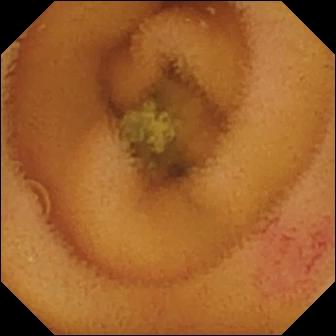Small-bowel capsule endoscopy image showing angiectasia.